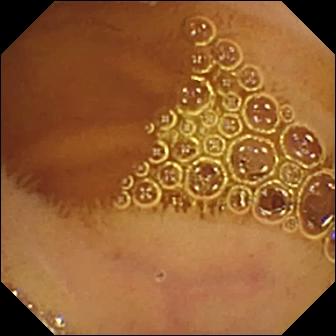Q: What does this VCE still of the small intestine show?
A: Normal clean mucosa.